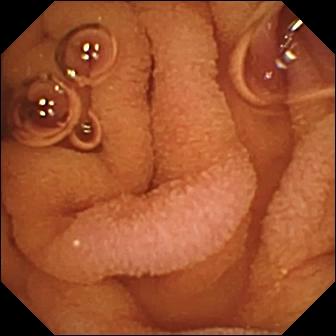Q: What does this capsule endoscopy view show?
A: Normal clean mucosa.